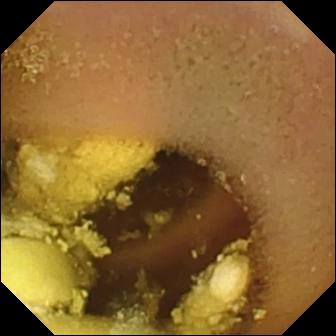- modality: capsule endoscopy
- observation: foreign body (e.g. retained capsule, tablet residue)